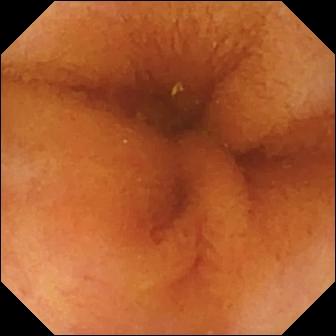Normal clean mucosa.